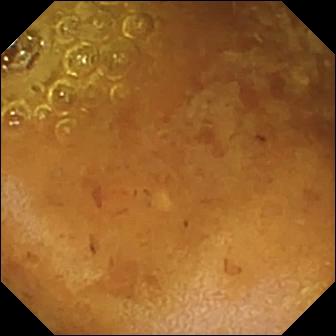WCE frame
Impression: reduced mucosal view (content or bubbles obscuring the mucosa)